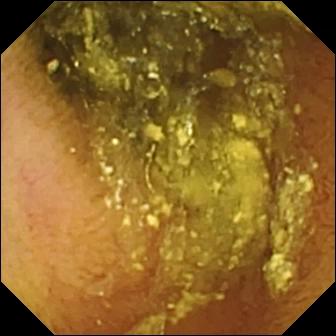Small-bowel capsule endoscopy. Small intestine. Label: normal clean mucosa.